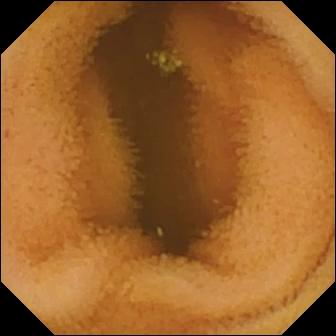Q: What does this capsule endoscopy still show?
A: Normal clean mucosa.